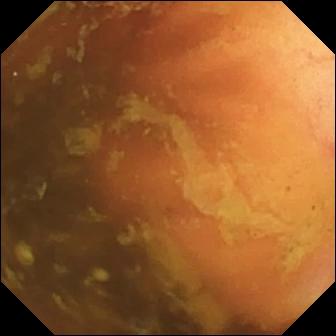Q: Where in the digestive tract was this wireless capsule endoscopy view taken?
A: Ileo-cecal valve region.